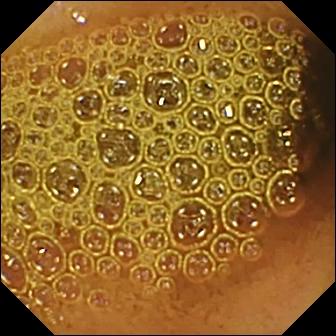Wireless capsule endoscopy snapshot
Impression: reduced mucosal view (content or bubbles obscuring the mucosa)